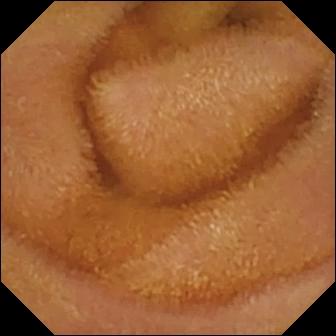WCE frame, small intestine
Finding: normal clean mucosa